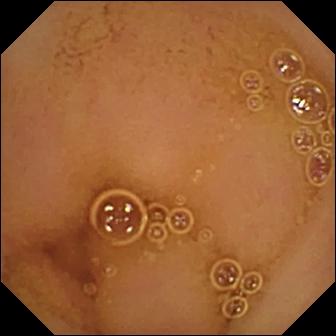Normal clean mucosa.